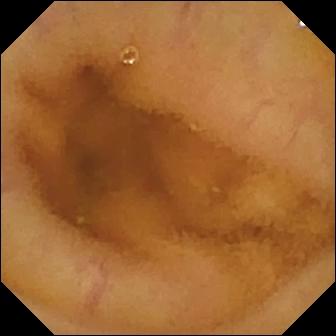Video capsule endoscopy image showing normal clean mucosa.